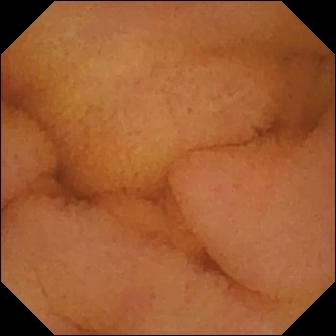Normal clean mucosa.